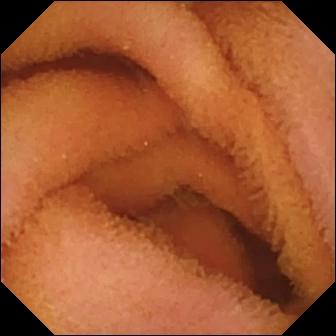This video capsule endoscopy still shows normal clean mucosa.